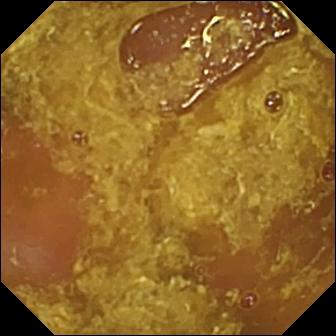Small-bowel capsule endoscopy snapshot (small bowel). Reduced mucosal view (content or bubbles obscuring the mucosa).